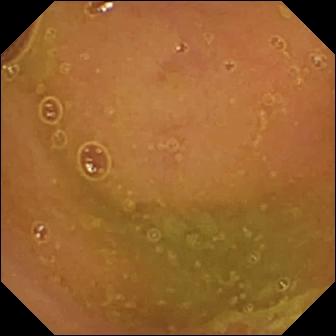This wireless capsule endoscopy image of the small bowel shows normal clean mucosa.